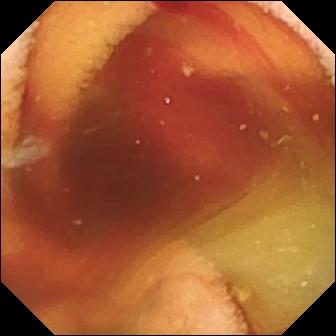This VCE still shows fresh blood in the lumen.